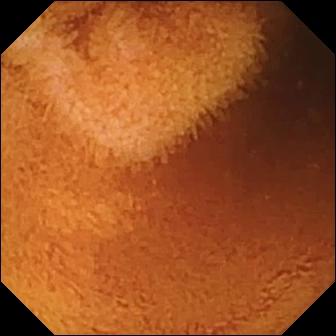Normal clean mucosa.